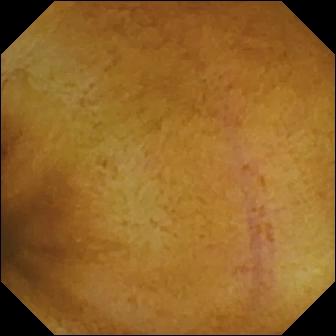Video capsule endoscopy snapshot showing normal clean mucosa.